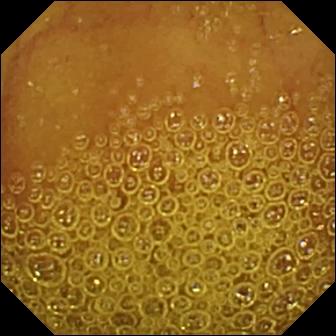Wireless capsule endoscopy view of the small intestine showing normal clean mucosa.